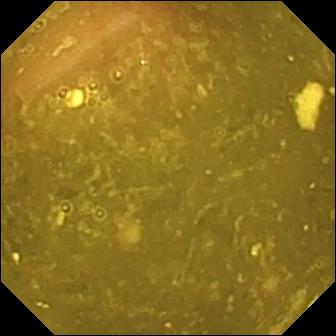Small-bowel capsule endoscopy snapshot. Taken in the ileo-cecal valve region (where the capsule passes from the small bowel into the large bowel).